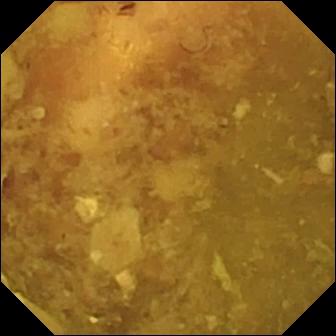Reduced mucosal view (content or bubbles obscuring the mucosa).